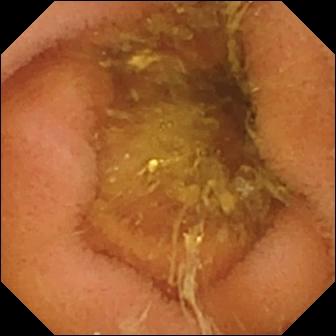Wireless capsule endoscopy. Small intestine. Luminal finding. Finding: normal clean mucosa.